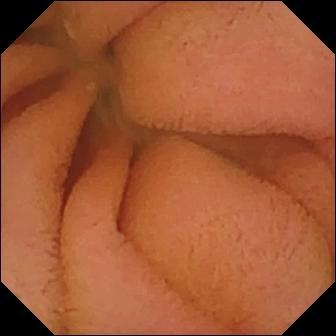modality: wireless capsule endoscopy | segment: small intestine | label: normal clean mucosa